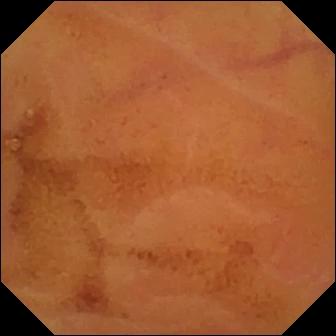Normal clean mucosa — capsule endoscopy snapshot.